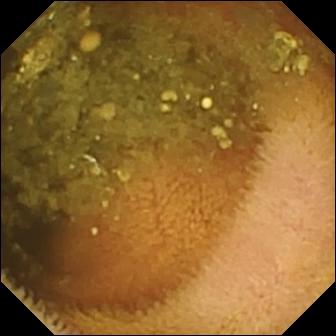Reduced mucosal view (content or bubbles obscuring the mucosa) (336×336).